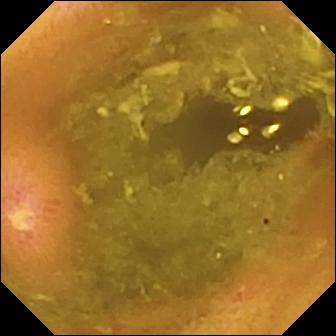Ulcer — small-bowel capsule endoscopy still.